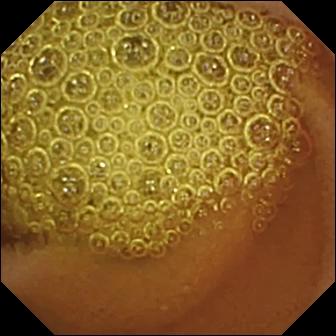This VCE frame shows normal clean mucosa.